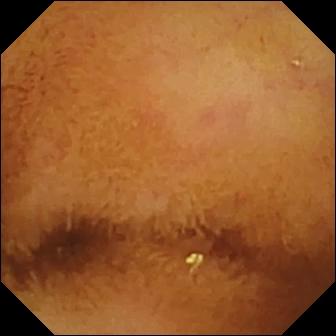PROCEDURE: VCE.
FINDINGS: Normal clean mucosa.